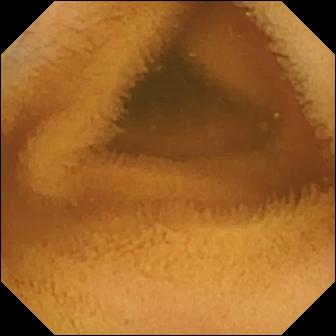WCE — normal clean mucosa.